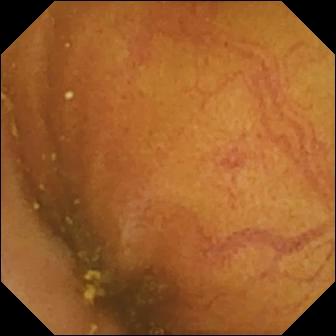Wireless capsule endoscopy. Position: ileo-cecal valve region (the transition from the small bowel to the large bowel).